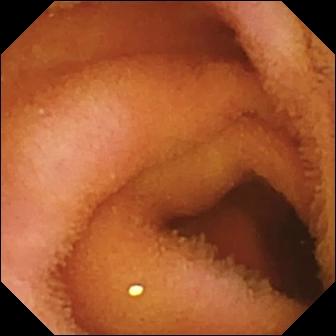Small-bowel capsule endoscopy still. Normal clean mucosa.